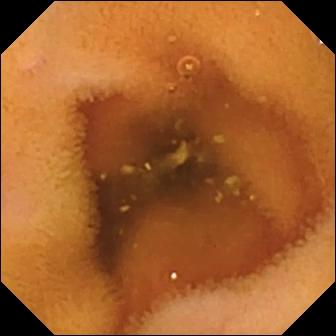VCE snapshot
Impression: normal clean mucosa